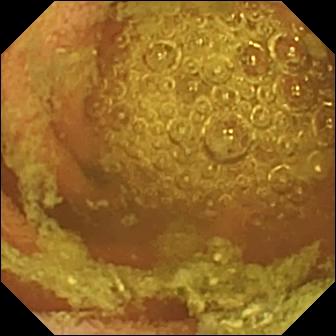Wireless capsule endoscopy frame of the small intestine showing normal clean mucosa.